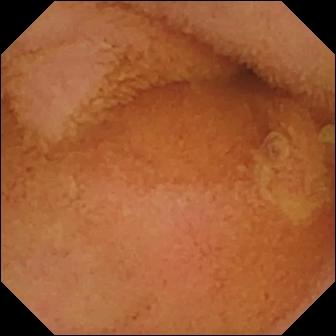Wireless capsule endoscopy frame (small bowel), 336×336. Normal clean mucosa.